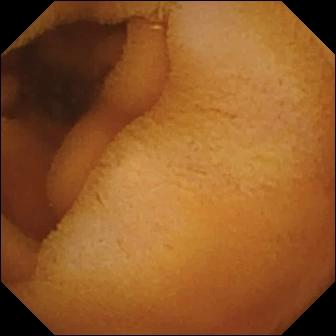VCE — normal clean mucosa.